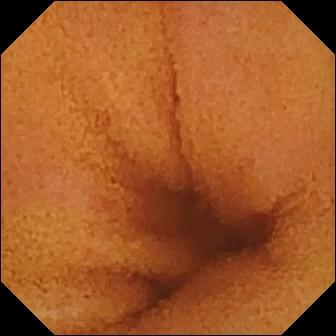Capsule endoscopy view of the small intestine showing normal clean mucosa.